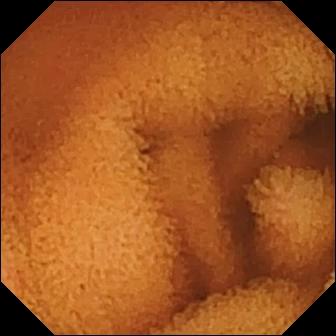PROCEDURE: Video capsule endoscopy.
SEGMENT: Small bowel.
FINDINGS: Normal clean mucosa.